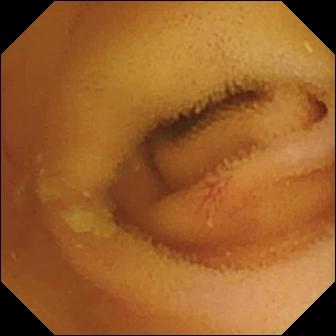Small-bowel capsule endoscopy image
Observation: angiectasia